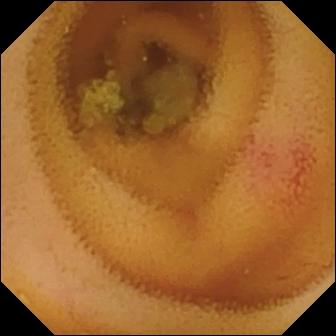Wireless capsule endoscopy still, 336×336. Angiectasia.